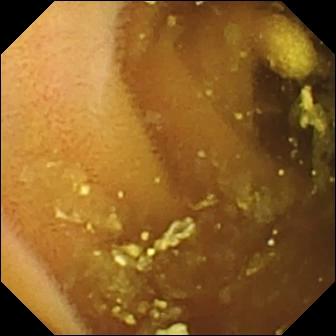Q: What does this small-bowel capsule endoscopy frame show?
A: Lymphangiectasia.